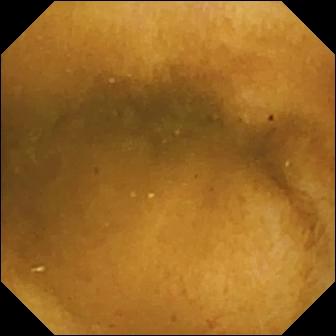Q: What does this VCE view of the small bowel show?
A: Normal clean mucosa.